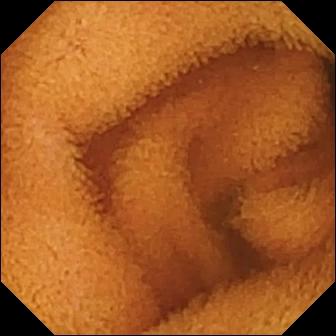- modality: VCE
- observation: normal clean mucosa